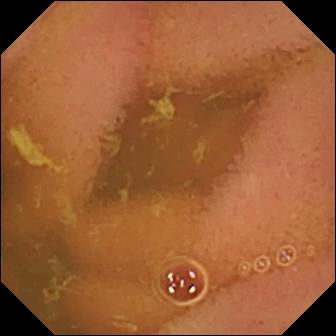Capsule endoscopy. Small intestine. Luminal finding. Observation: normal clean mucosa.